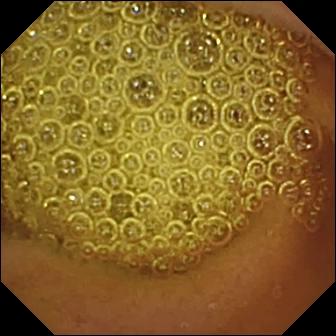This wireless capsule endoscopy frame of the small intestine shows normal clean mucosa.